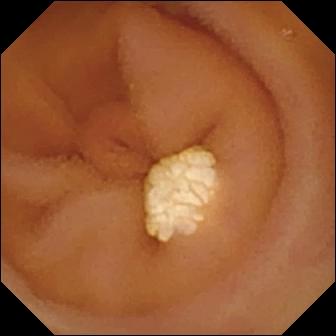Lymphangiectasia.